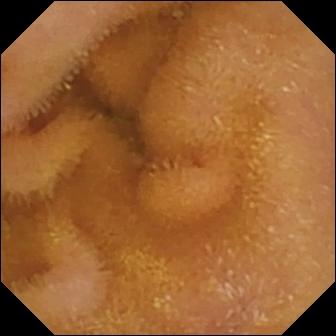This capsule endoscopy view shows normal clean mucosa.